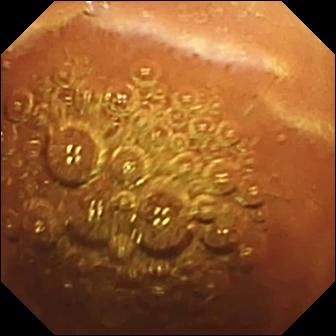modality: capsule endoscopy
observation: normal clean mucosa